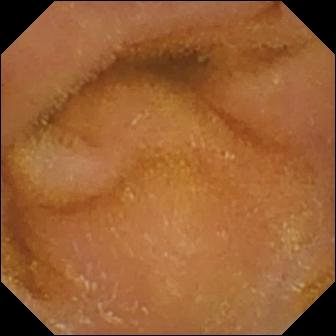Capsule endoscopy snapshot (small bowel), 336×336. Normal clean mucosa.